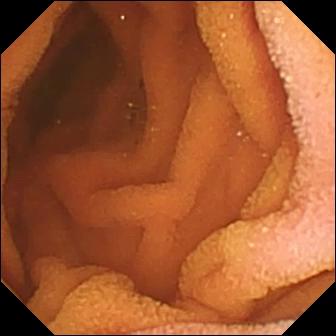Wireless capsule endoscopy — normal clean mucosa.